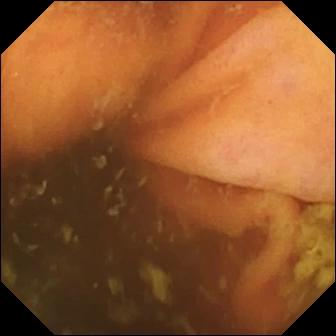Ileo-cecal valve region (where the capsule passes from the small bowel into the large bowel).